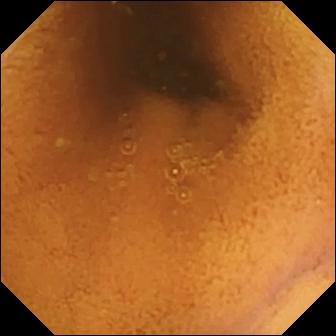This capsule endoscopy view shows normal clean mucosa.